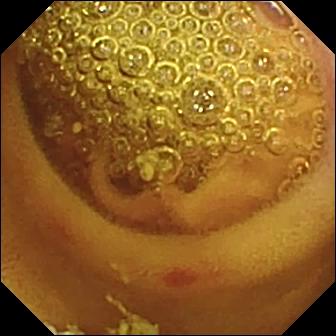Erosion — small-bowel capsule endoscopy view.